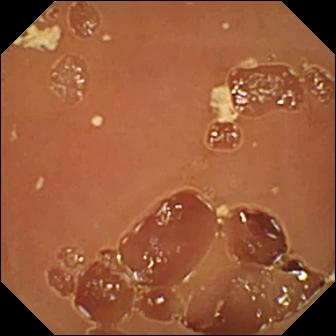Normal clean mucosa — capsule endoscopy image.